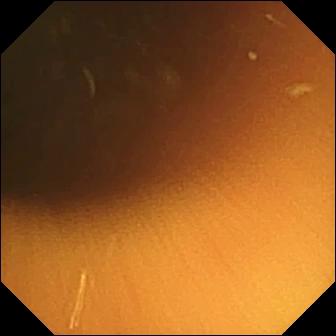Normal clean mucosa.